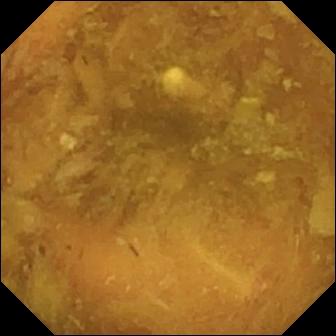modality: small-bowel capsule endoscopy
segment: small intestine
observation: reduced mucosal view (content or bubbles obscuring the mucosa)